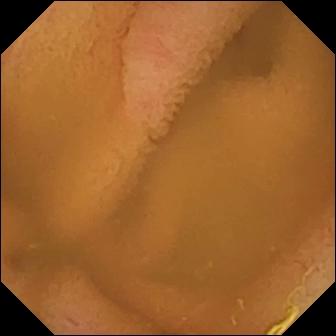This VCE snapshot of the small intestine shows normal clean mucosa.